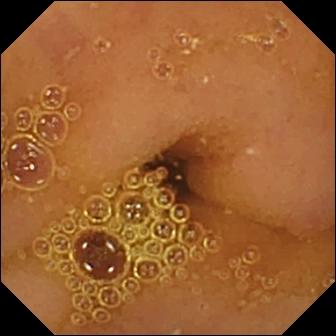{"modality": "WCE", "segment": "small intestine", "finding": "normal clean mucosa"}